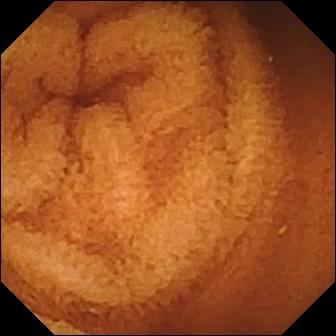- modality: VCE
- segment: small bowel
- finding: normal clean mucosa